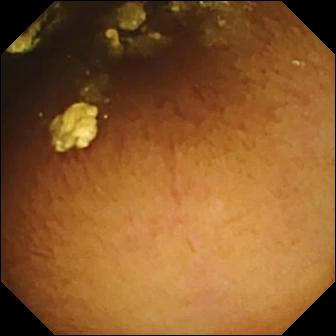Normal clean mucosa (336×336).